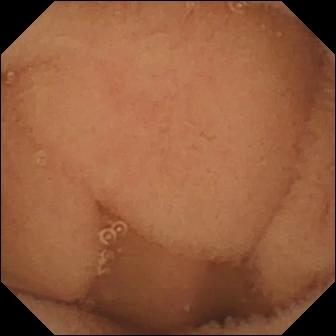Normal clean mucosa — VCE image of the small bowel.